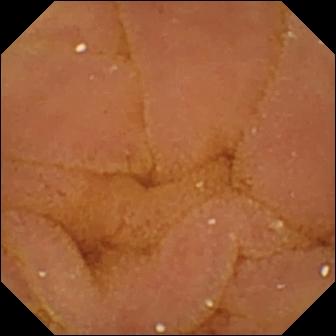PROCEDURE: Video capsule endoscopy.
FINDINGS: Normal clean mucosa.